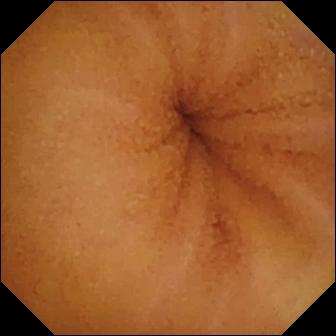WCE view, small intestine
Finding: normal clean mucosa